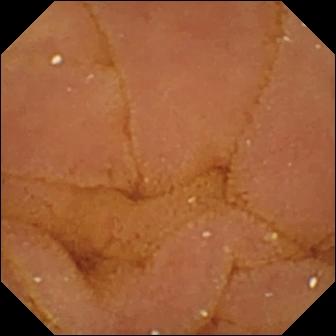Normal clean mucosa.